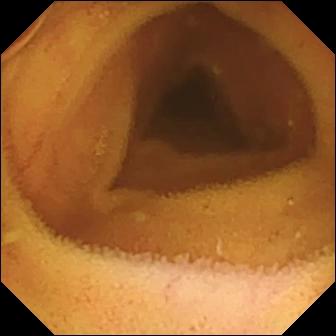Small-bowel capsule endoscopy image, small intestine
Label: normal clean mucosa